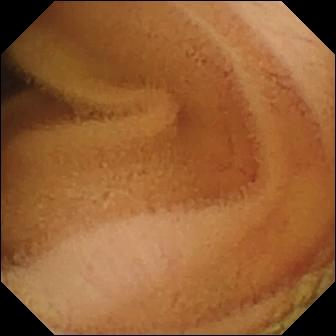WCE. Luminal finding. Label: normal clean mucosa.